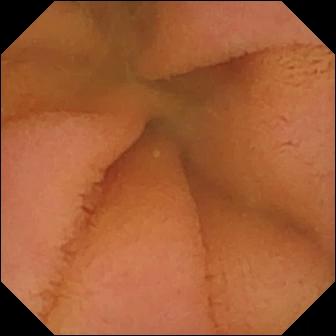Video capsule endoscopy frame of the small intestine showing normal clean mucosa.